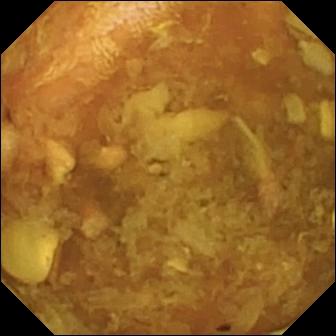WCE. Small bowel. Label: reduced mucosal view (content or bubbles obscuring the mucosa).